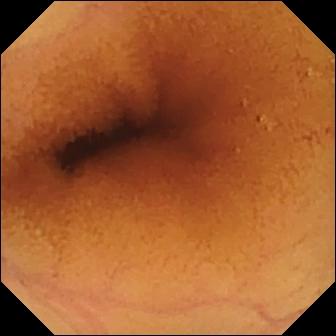{"modality": "VCE", "finding": "normal clean mucosa"}